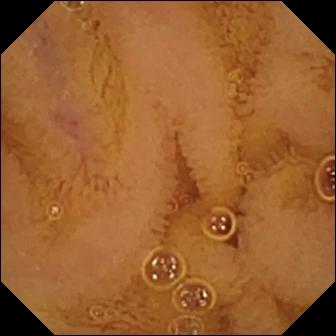Wireless capsule endoscopy still showing normal clean mucosa.